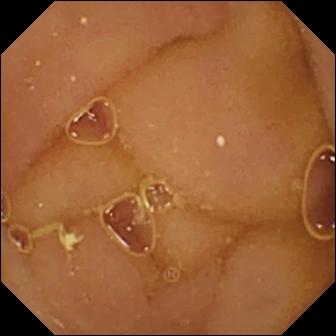Normal clean mucosa.